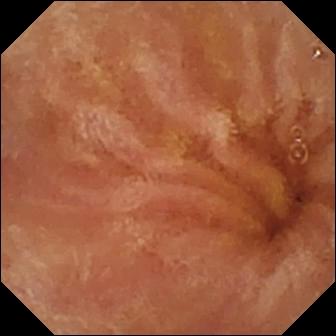Wireless capsule endoscopy still (small intestine), 336×336. Normal clean mucosa.